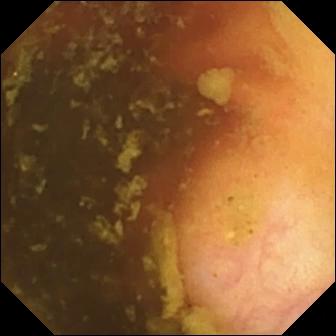Capsule endoscopy. Position: ileo-cecal valve region (where the capsule passes from the small bowel into the large bowel).